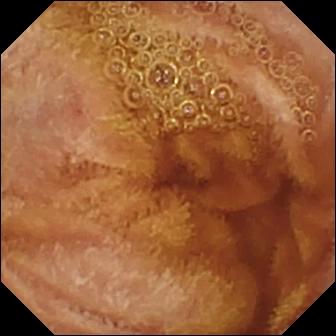Q: What does this video capsule endoscopy snapshot of the small bowel show?
A: Normal clean mucosa.